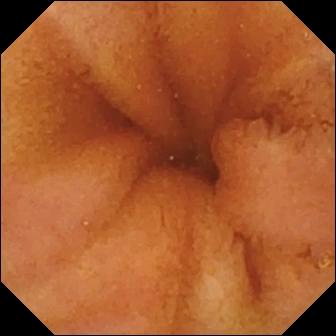Q: What does this capsule endoscopy still of the small intestine show?
A: Normal clean mucosa.